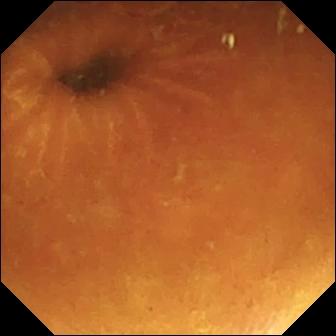{"modality": "video capsule endoscopy", "finding": "normal clean mucosa"}